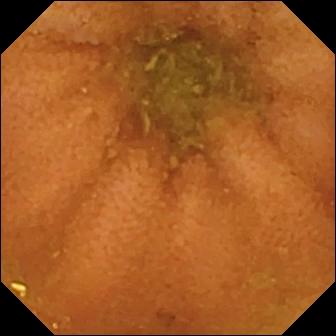This capsule endoscopy view shows normal clean mucosa.